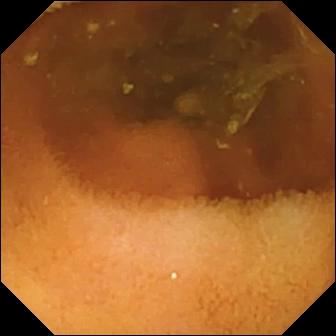- modality: wireless capsule endoscopy
- segment: small intestine
- finding: normal clean mucosa